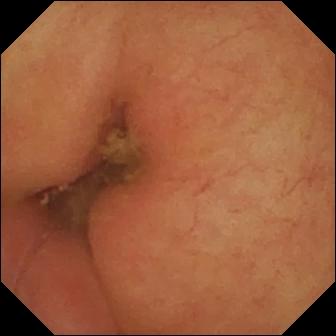- modality: small-bowel capsule endoscopy
- video segment: pylorus region (the junction between the stomach and the small bowel)